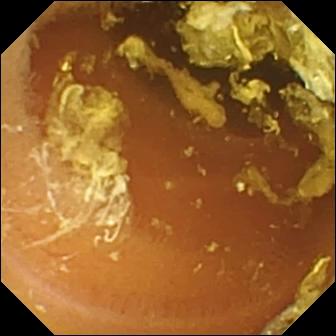Video capsule endoscopy. Finding: normal clean mucosa.